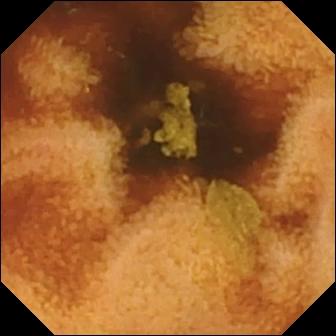- modality: small-bowel capsule endoscopy
- impression: normal clean mucosa